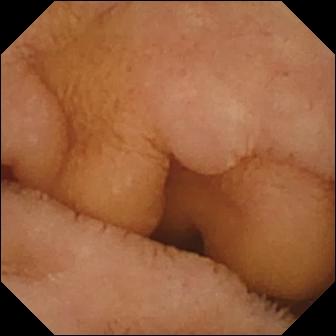Video capsule endoscopy still (small intestine), 336×336. Normal clean mucosa.